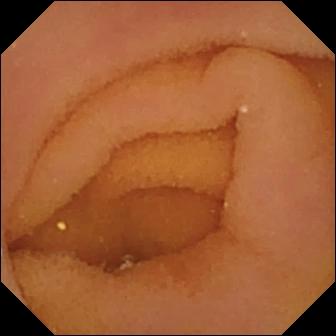PROCEDURE: Capsule endoscopy.
LOCATION: Pylorus region.